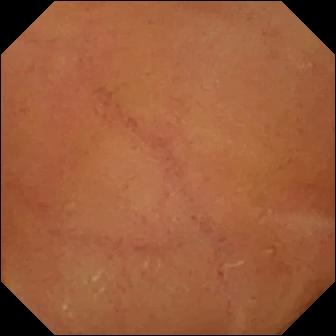- modality: wireless capsule endoscopy
- segment: small intestine
- category: luminal finding
- observation: normal clean mucosa